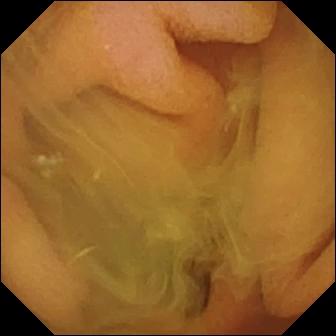- modality: capsule endoscopy
- category: luminal finding
- finding: normal clean mucosa